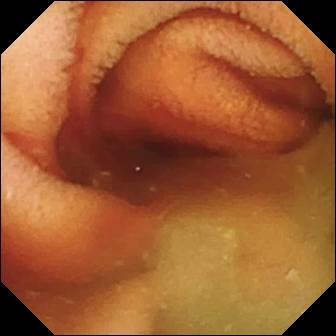Capsule endoscopy — fresh blood in the lumen.